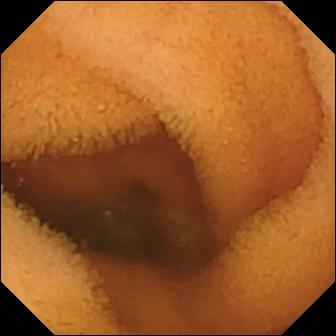VCE. Small intestine. Label: normal clean mucosa.